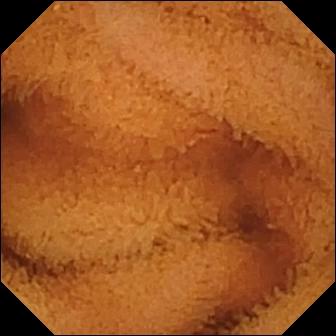PROCEDURE: Wireless capsule endoscopy.
FINDINGS: Normal clean mucosa.